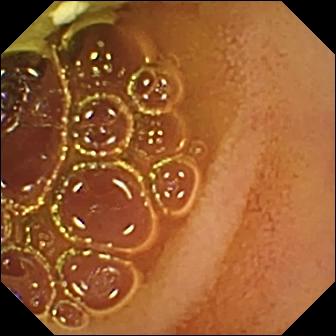VCE. Small intestine. Luminal finding. Observation: normal clean mucosa.